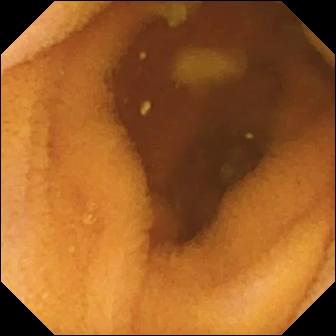Normal clean mucosa — small-bowel capsule endoscopy frame of the small bowel.